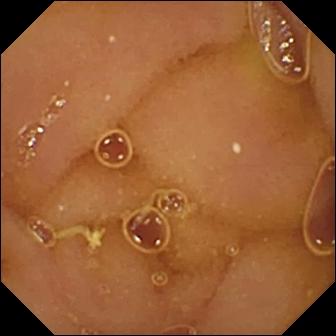This VCE image shows normal clean mucosa.